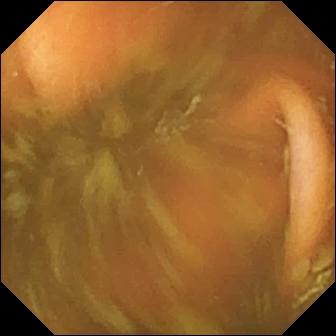Wireless capsule endoscopy. Location: ileo-cecal valve region.